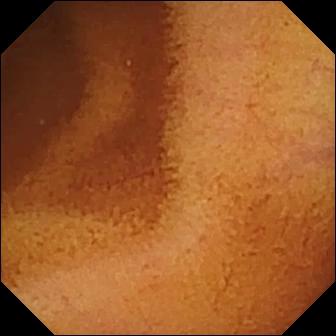Capsule endoscopy snapshot (small bowel). Normal clean mucosa.